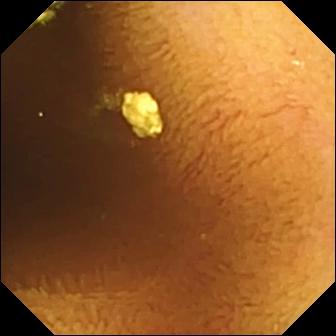This VCE still shows normal clean mucosa.